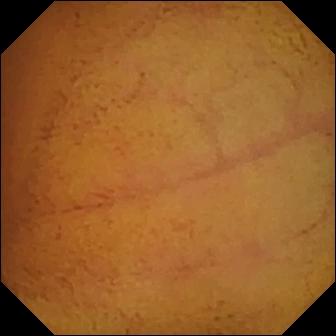This video capsule endoscopy view of the small bowel shows normal clean mucosa.